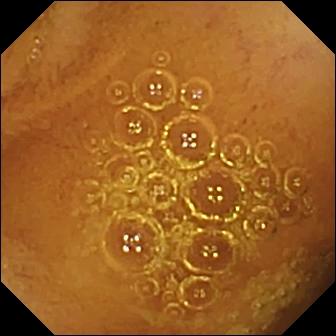PROCEDURE: Small-bowel capsule endoscopy.
SEGMENT: Small intestine.
FINDINGS: Normal clean mucosa.